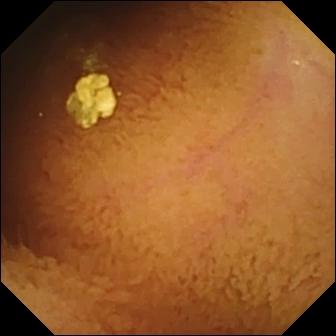Normal clean mucosa.